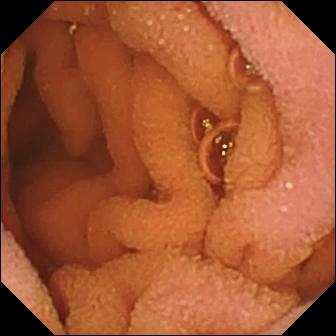{"modality": "VCE", "category": "luminal finding", "finding": "normal clean mucosa"}